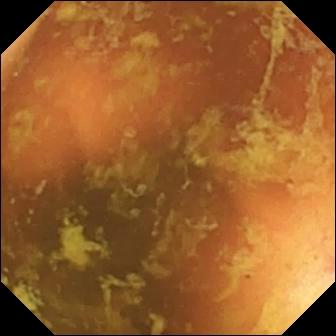VCE — ileo-cecal valve region.